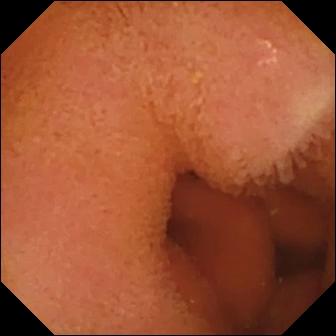Video capsule endoscopy still, small intestine
Finding: normal clean mucosa